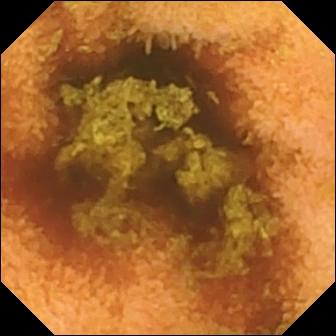PROCEDURE: Video capsule endoscopy.
FINDINGS: Normal clean mucosa.